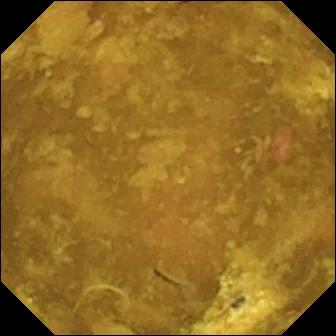Q: What does this capsule endoscopy view of the small bowel show?
A: Reduced mucosal view (content or bubbles obscuring the mucosa).